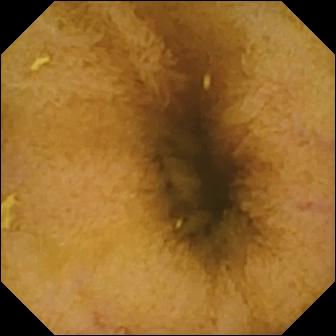Video capsule endoscopy. Small bowel. Luminal finding. Label: normal clean mucosa.